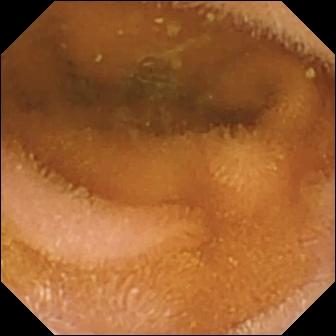This VCE still of the small bowel shows normal clean mucosa.